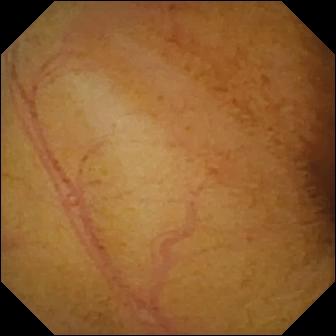Q: What does this small-bowel capsule endoscopy frame of the small intestine show?
A: Normal clean mucosa.